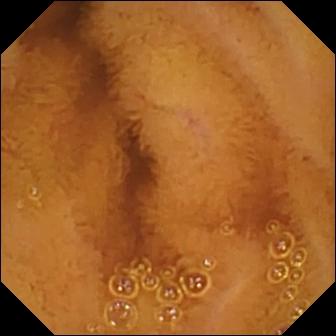Video capsule endoscopy — normal clean mucosa.